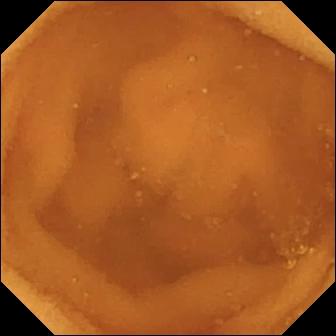Q: What does this VCE image show?
A: Normal clean mucosa.